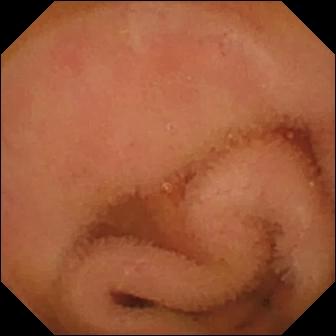VCE still, small bowel
Finding: normal clean mucosa